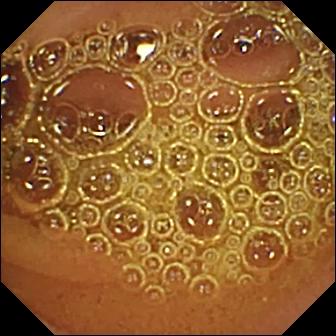modality: wireless capsule endoscopy | label: normal clean mucosa